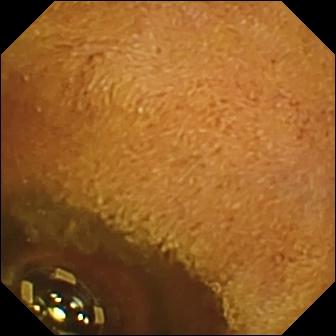Wireless capsule endoscopy still
Label: foreign body (e.g. retained capsule, tablet residue)